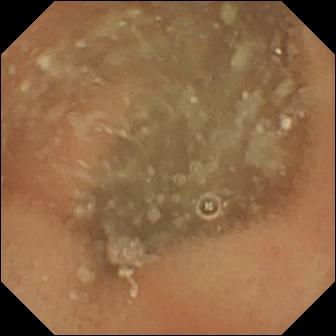Video capsule endoscopy still. Normal clean mucosa.